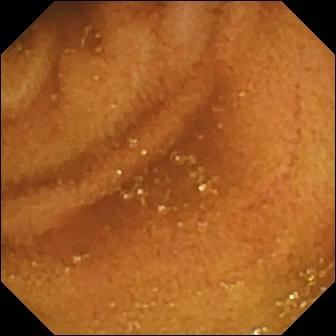Normal clean mucosa.